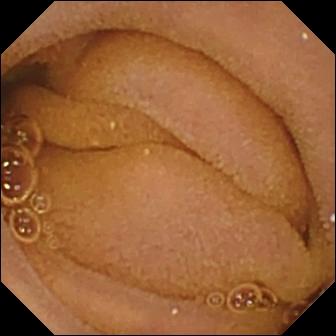{"modality": "wireless capsule endoscopy", "segment": "small intestine", "finding": "normal clean mucosa"}